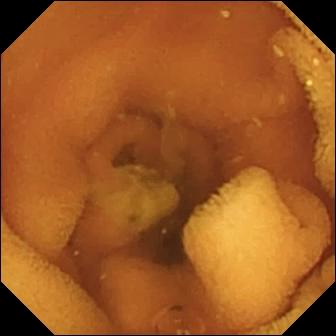VCE still of the small intestine showing normal clean mucosa.